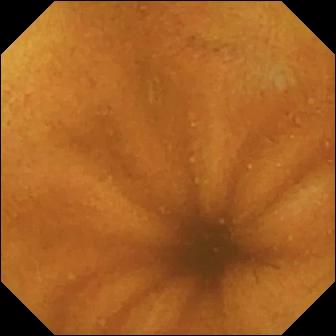This WCE view shows normal clean mucosa.